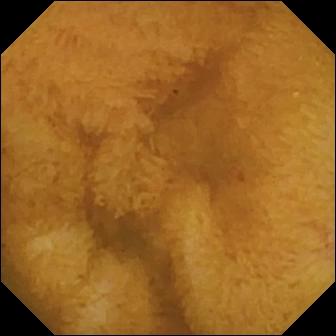This WCE frame shows normal clean mucosa.